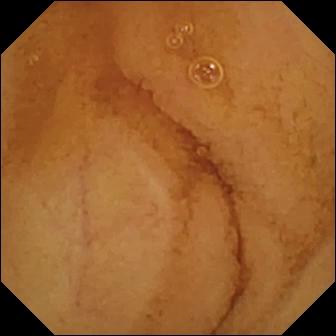- modality: video capsule endoscopy
- segment: small intestine
- impression: normal clean mucosa